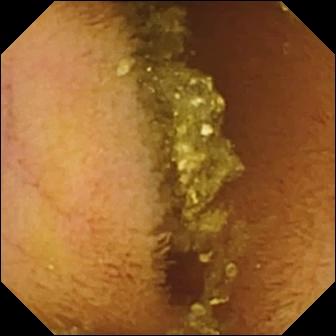This video capsule endoscopy image of the small bowel shows normal clean mucosa.